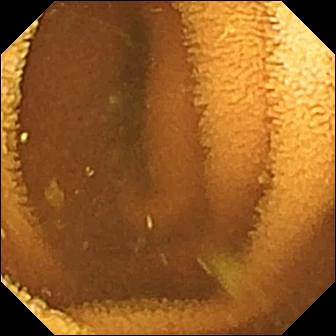Q: What does this video capsule endoscopy view of the small intestine show?
A: Normal clean mucosa.